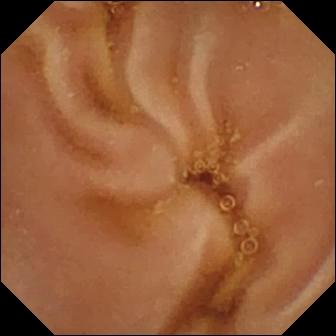Normal clean mucosa — small-bowel capsule endoscopy frame of the small bowel.